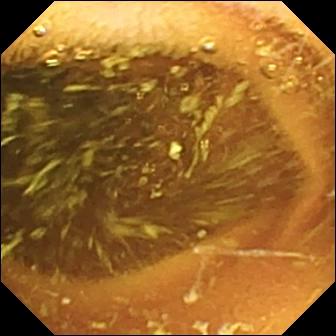VCE — normal clean mucosa.